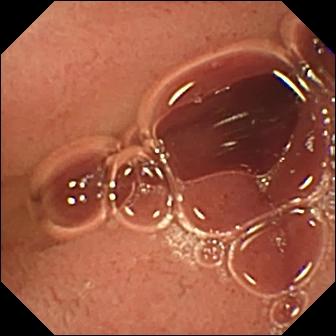Q: Where in the digestive tract was this VCE still taken?
A: Pylorus region (the junction between the stomach and the small bowel).